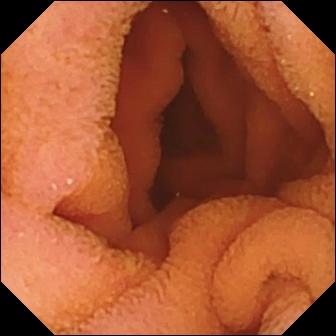PROCEDURE: Capsule endoscopy.
FINDINGS: Normal clean mucosa.